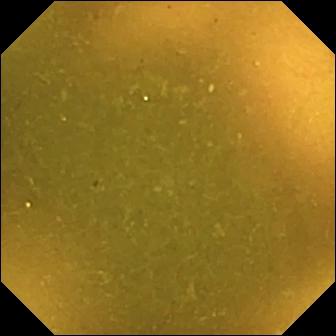Small-bowel capsule endoscopy — ileo-cecal valve region (the transition from the small bowel to the large bowel).